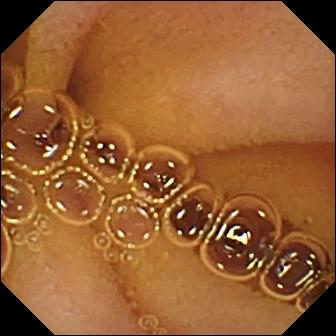modality: WCE
segment: small bowel
observation: normal clean mucosa